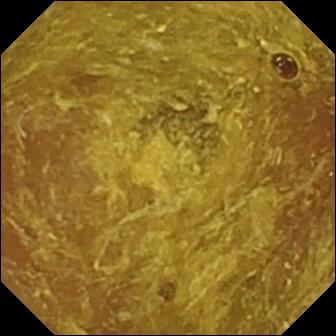{"modality": "wireless capsule endoscopy", "segment": "small intestine", "finding": "reduced mucosal view (content or bubbles obscuring the mucosa)"}